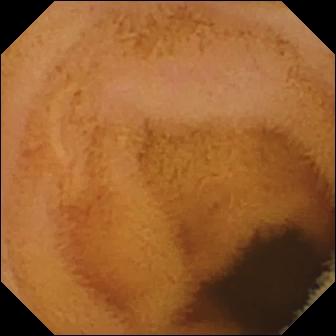- modality: WCE
- segment: small intestine
- impression: normal clean mucosa